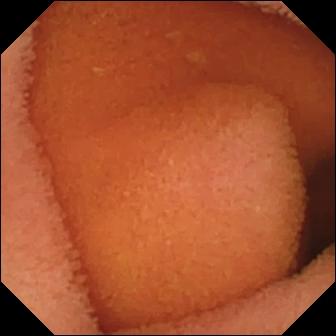- modality: WCE
- segment: small bowel
- category: luminal finding
- observation: normal clean mucosa